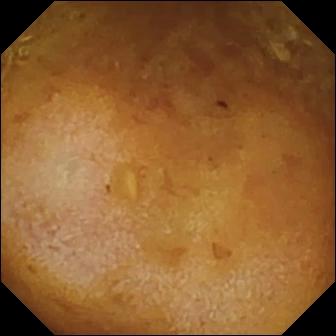PROCEDURE: VCE.
FINDINGS: Reduced mucosal view (content or bubbles obscuring the mucosa).